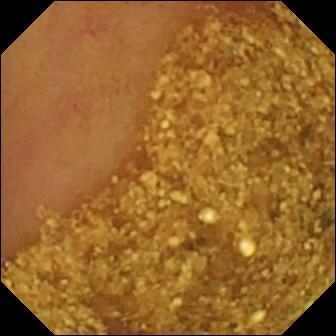Wireless capsule endoscopy image
Video segment: ileo-cecal valve region